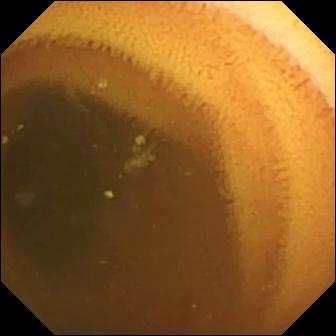This VCE snapshot shows normal clean mucosa.